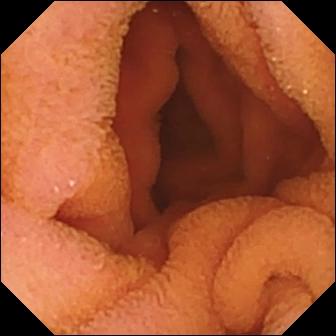{"modality": "small-bowel capsule endoscopy", "category": "luminal finding", "finding": "normal clean mucosa"}